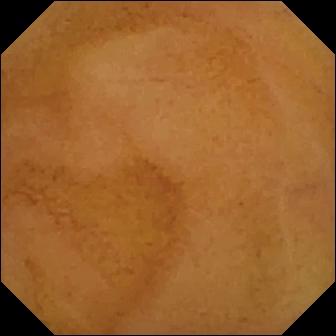Capsule endoscopy. Luminal finding. Impression: normal clean mucosa.